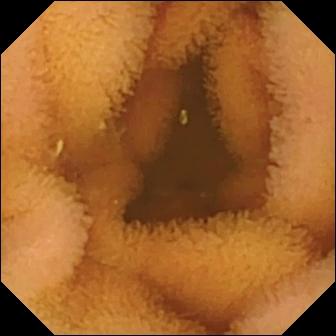WCE — normal clean mucosa.